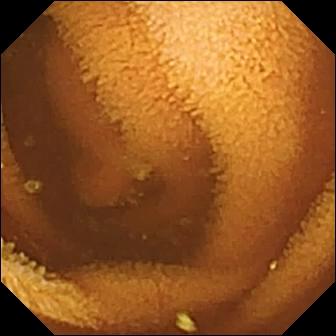- modality: WCE
- segment: small bowel
- label: normal clean mucosa